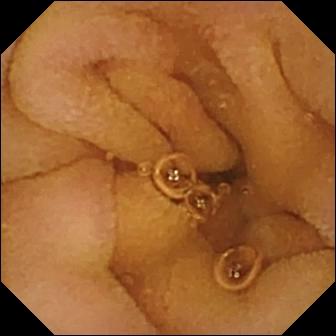Normal clean mucosa.